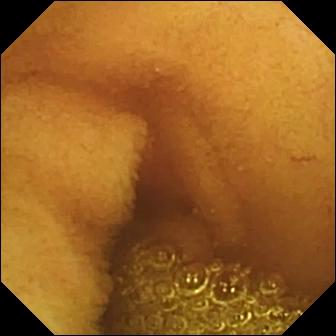Small-bowel capsule endoscopy view showing normal clean mucosa.